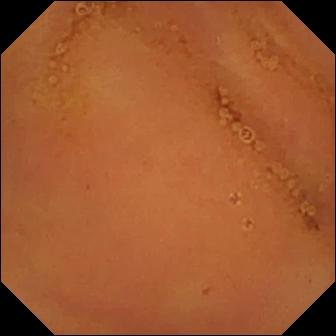VCE image of the small bowel showing normal clean mucosa.